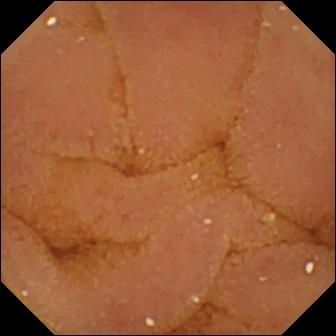Capsule endoscopy frame showing normal clean mucosa.